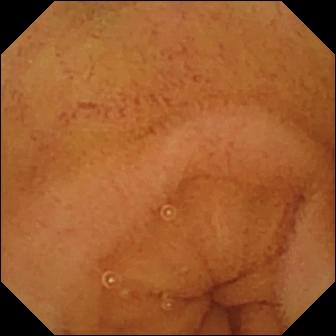Capsule endoscopy. Small intestine. Luminal finding. Impression: normal clean mucosa.